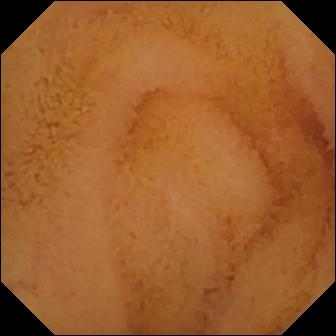Small-bowel capsule endoscopy frame, small bowel
Observation: normal clean mucosa